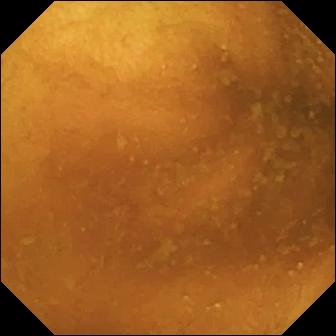Q: What does this video capsule endoscopy image of the small bowel show?
A: Normal clean mucosa.